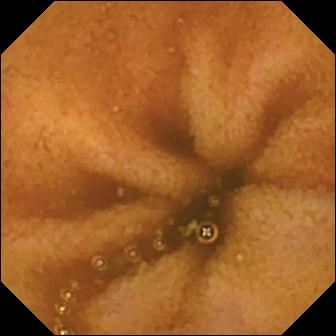Small-bowel capsule endoscopy view of the small intestine showing normal clean mucosa.